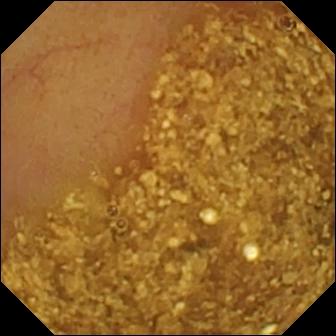{"modality": "small-bowel capsule endoscopy", "video_segment": "ileo-cecal valve region (where the capsule passes from the small bowel into the large bowel)"}